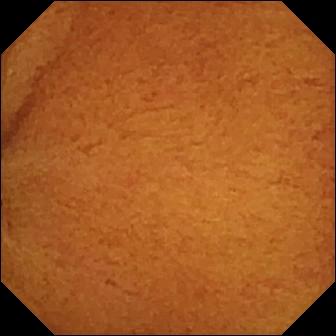Normal clean mucosa.